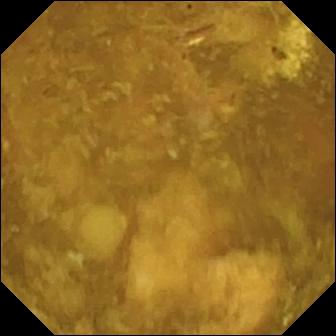Wireless capsule endoscopy. Small bowel. Label: reduced mucosal view (content or bubbles obscuring the mucosa).